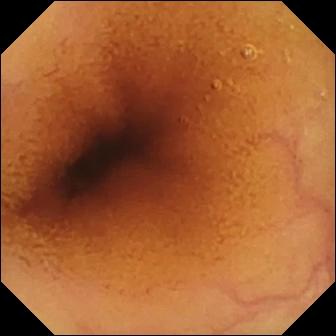WCE — normal clean mucosa.